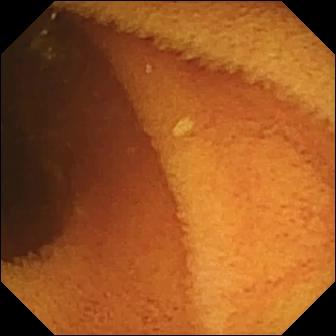Normal clean mucosa.